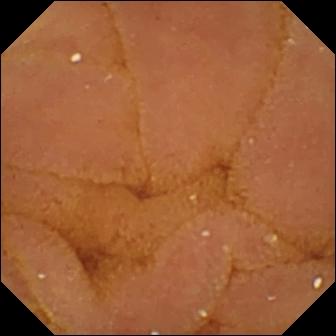Video capsule endoscopy frame of the small intestine showing normal clean mucosa.